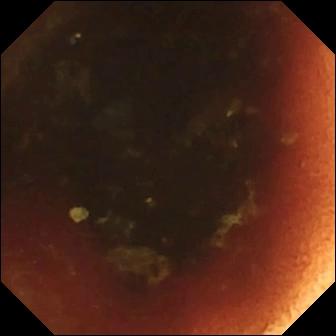Small-bowel capsule endoscopy snapshot taken in the ileo-cecal valve region (where the capsule passes from the small bowel into the large bowel).